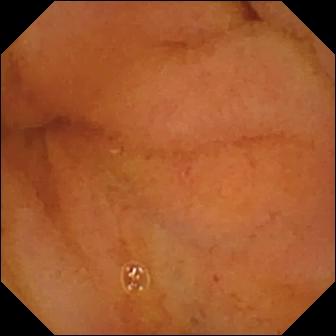Small-bowel capsule endoscopy — normal clean mucosa.